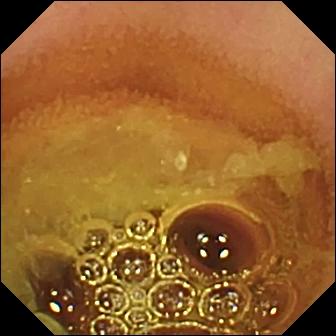Q: What does this capsule endoscopy frame show?
A: Normal clean mucosa.